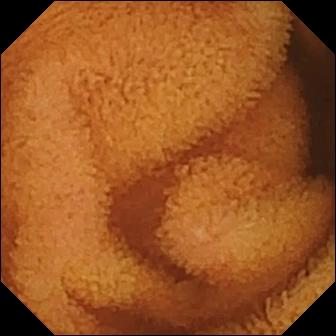Q: What does this video capsule endoscopy view show?
A: Normal clean mucosa.